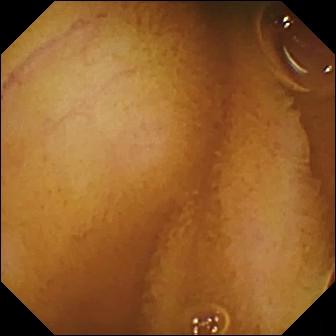This VCE frame shows normal clean mucosa.